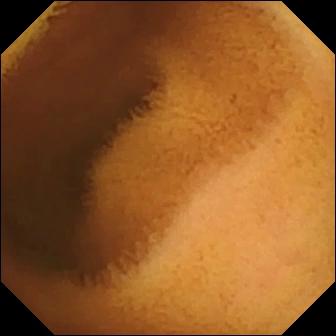Small-bowel capsule endoscopy still, small bowel
Finding: normal clean mucosa